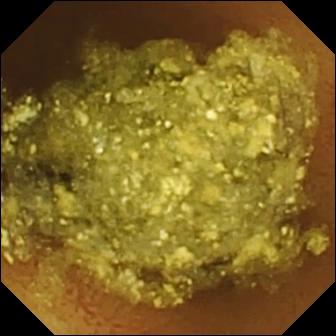Video capsule endoscopy frame of the small bowel showing normal clean mucosa.